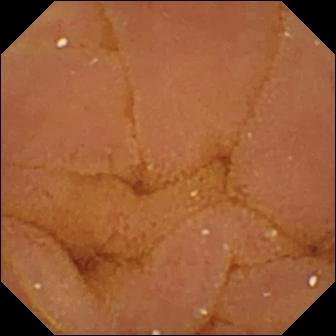{"modality": "video capsule endoscopy", "segment": "small bowel", "category": "luminal finding", "finding": "normal clean mucosa"}